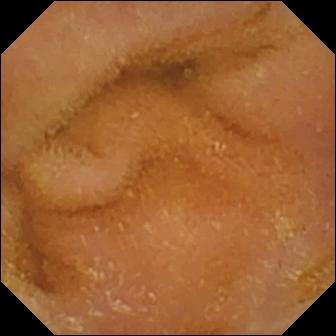Normal clean mucosa (336×336).